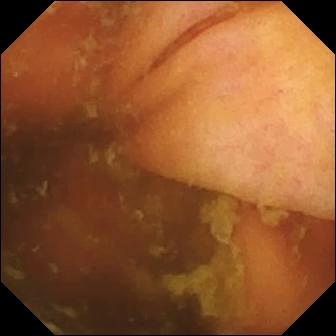Video capsule endoscopy image. Taken in the ileo-cecal valve region (the transition from the small bowel to the large bowel).